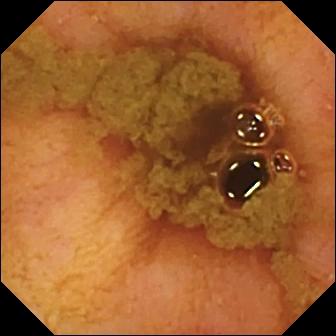Capsule endoscopy — ileo-cecal valve region.